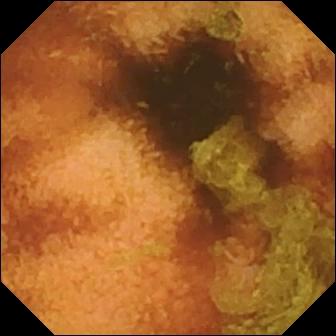This small-bowel capsule endoscopy view shows normal clean mucosa.